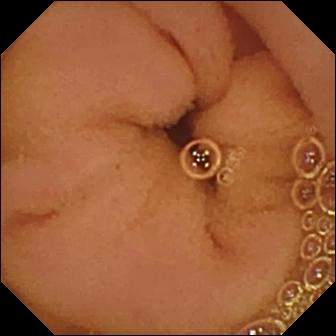Normal clean mucosa — capsule endoscopy frame.